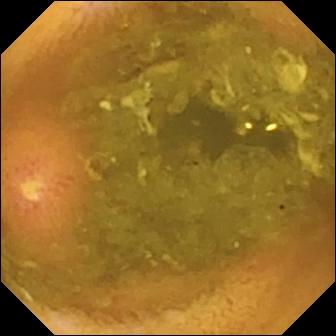modality: wireless capsule endoscopy; category: luminal finding; finding: ulcer